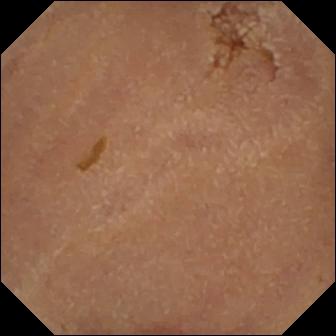modality: capsule endoscopy; segment: small intestine; label: normal clean mucosa